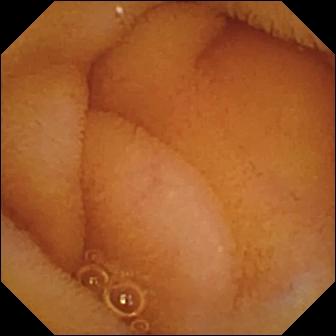Video capsule endoscopy image, small bowel
Label: normal clean mucosa